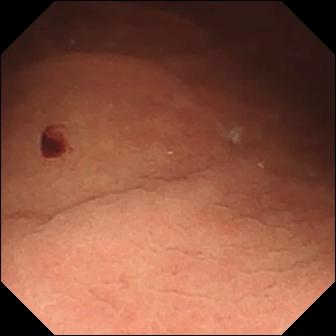WCE. Impression: angiectasia.